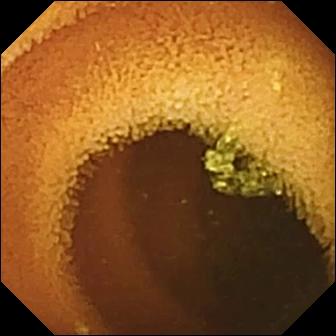Capsule endoscopy view, 336×336. Normal clean mucosa.